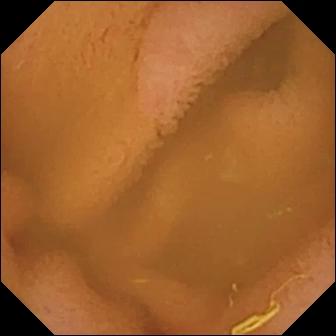- modality: video capsule endoscopy
- segment: small intestine
- category: luminal finding
- impression: normal clean mucosa